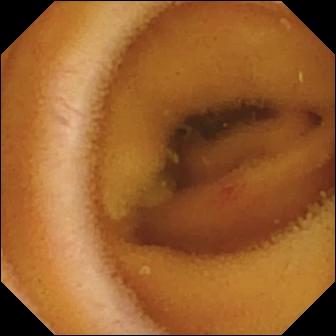Video capsule endoscopy still
Observation: angiectasia